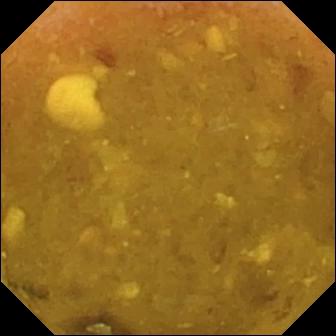- modality: wireless capsule endoscopy
- category: luminal finding
- label: reduced mucosal view (content or bubbles obscuring the mucosa)